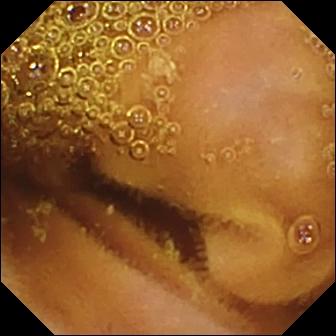Normal clean mucosa — video capsule endoscopy snapshot.